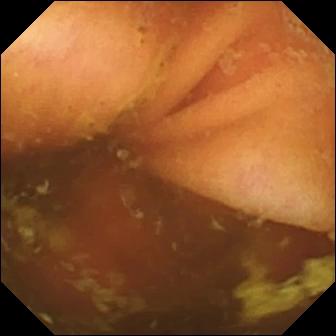{"modality": "capsule endoscopy", "video_segment": "ileo-cecal valve region (where the capsule passes from the small bowel into the large bowel)"}